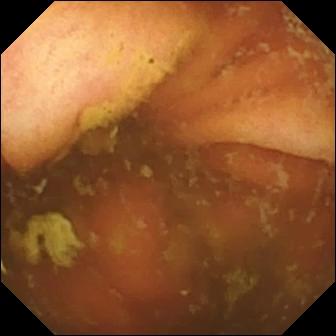{"modality": "small-bowel capsule endoscopy", "category": "anatomical landmark", "label": "ileo-cecal valve region"}